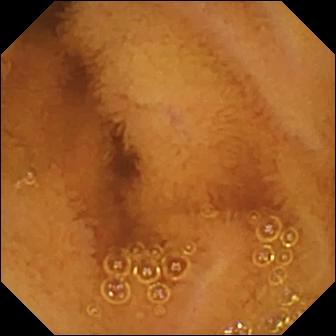Wireless capsule endoscopy frame (small intestine). Normal clean mucosa.